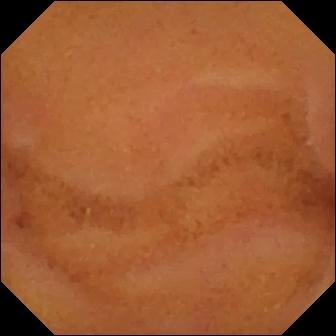Q: What does this video capsule endoscopy frame of the small intestine show?
A: Normal clean mucosa.